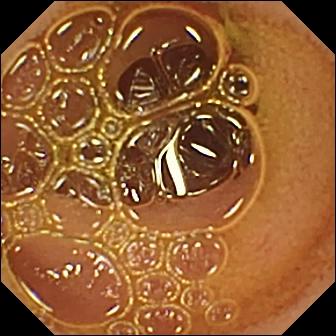PROCEDURE: Wireless capsule endoscopy.
FINDINGS: Normal clean mucosa.